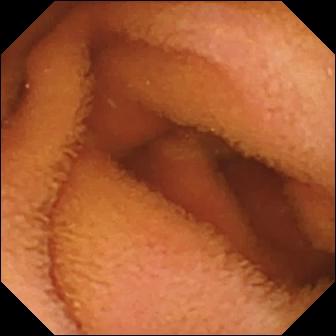VCE view
Impression: normal clean mucosa